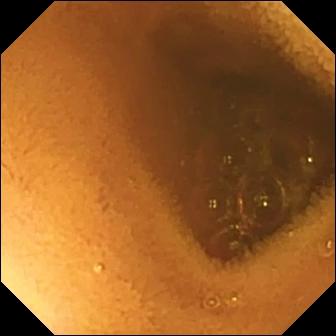WCE — normal clean mucosa.